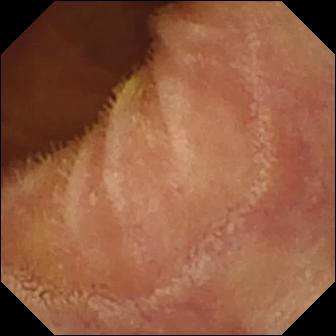- modality: capsule endoscopy
- finding: normal clean mucosa